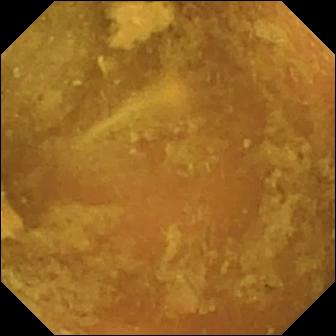Wireless capsule endoscopy. Small bowel. Luminal finding. Impression: reduced mucosal view (content or bubbles obscuring the mucosa).